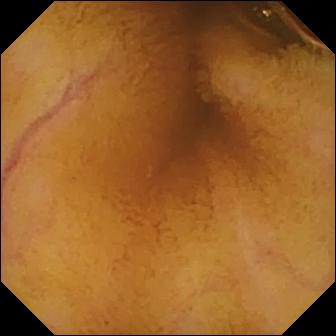Video capsule endoscopy. Small intestine. Observation: normal clean mucosa.